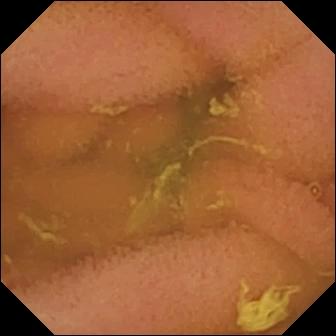Video capsule endoscopy image, small intestine
Impression: normal clean mucosa